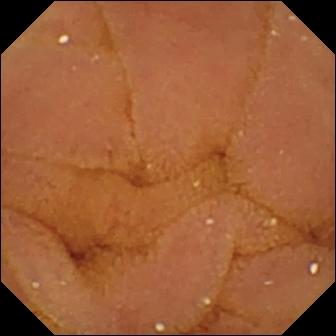This capsule endoscopy image of the small bowel shows normal clean mucosa.